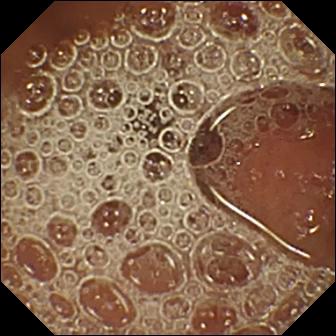{"modality": "WCE", "finding": "normal clean mucosa"}